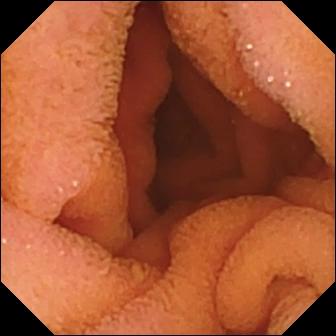Wireless capsule endoscopy snapshot
Finding: normal clean mucosa